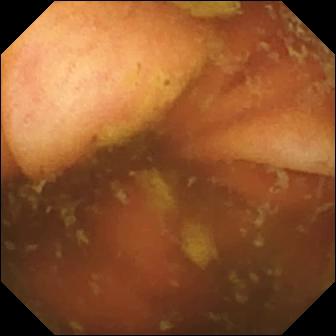- modality: video capsule endoscopy
- label: ileo-cecal valve region (where the capsule passes from the small bowel into the large bowel)